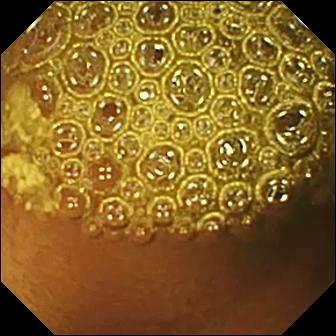VCE — reduced mucosal view (content or bubbles obscuring the mucosa).